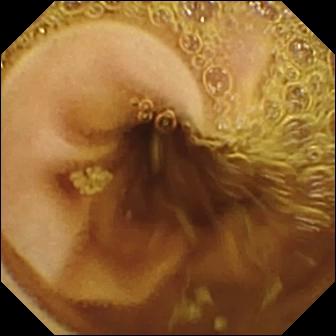Video capsule endoscopy still showing normal clean mucosa.